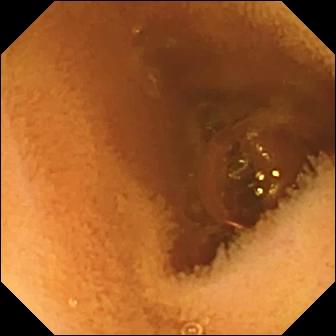{"modality": "video capsule endoscopy", "segment": "small intestine", "finding": "normal clean mucosa"}